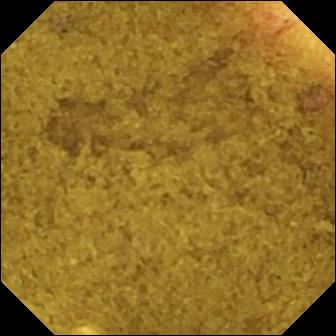Video capsule endoscopy snapshot
Video segment: ileo-cecal valve region (the transition from the small bowel to the large bowel)